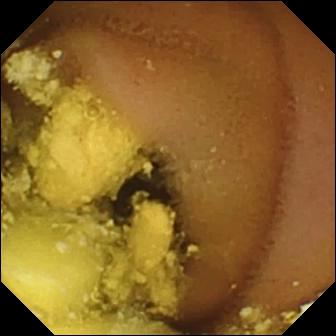WCE frame. Foreign body (e.g. retained capsule, tablet residue).